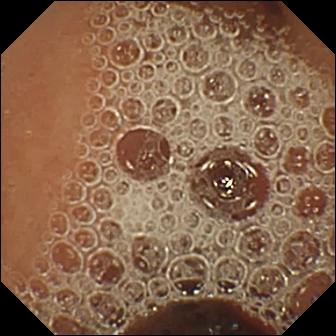Normal clean mucosa.